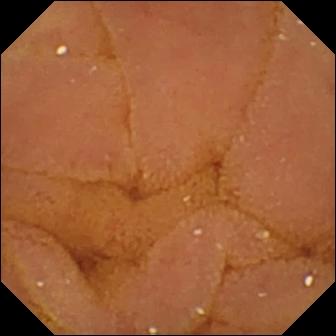Normal clean mucosa.